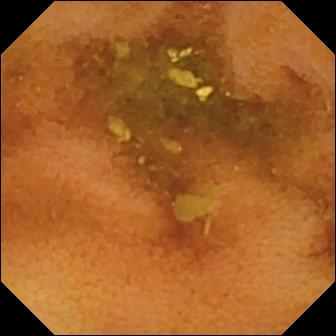VCE snapshot, 336×336. Normal clean mucosa.